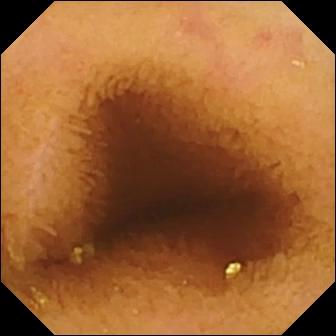WCE frame of the small intestine showing normal clean mucosa.